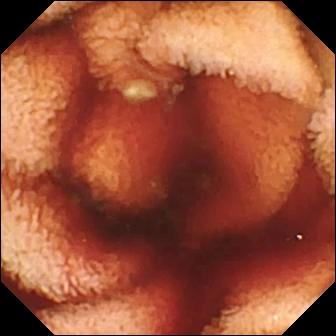This small-bowel capsule endoscopy frame shows fresh blood in the lumen.